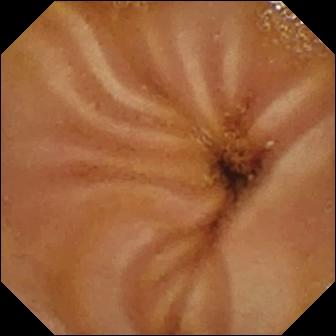Normal clean mucosa — small-bowel capsule endoscopy still.